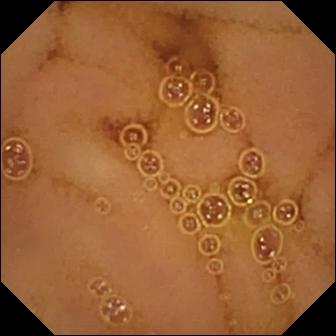WCE frame, small intestine
Observation: normal clean mucosa